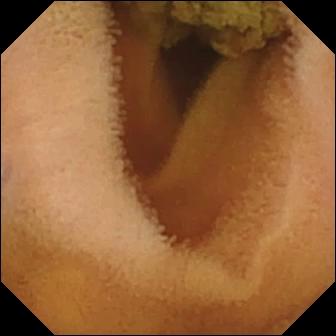Normal clean mucosa — capsule endoscopy image.